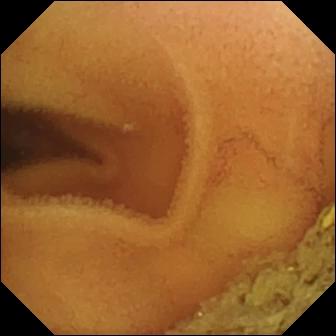modality: wireless capsule endoscopy; category: luminal finding; observation: normal clean mucosa